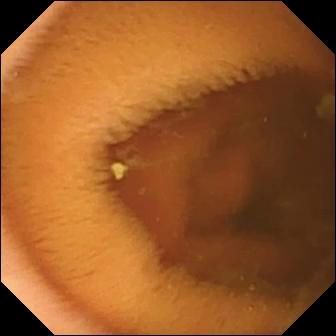modality: capsule endoscopy
segment: small intestine
label: normal clean mucosa